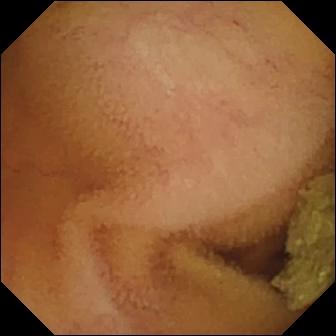PROCEDURE: Video capsule endoscopy.
FINDINGS: Normal clean mucosa.